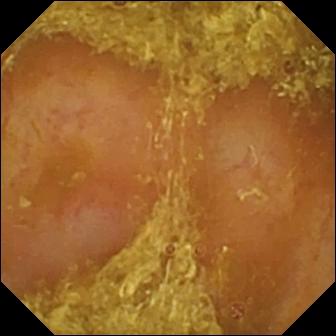Reduced mucosal view (content or bubbles obscuring the mucosa) — VCE view of the small bowel.